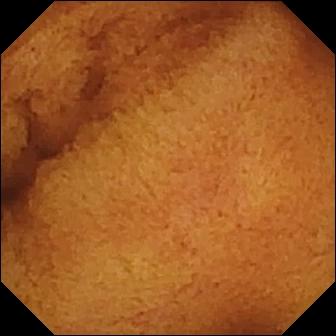This capsule endoscopy still of the small intestine shows normal clean mucosa.